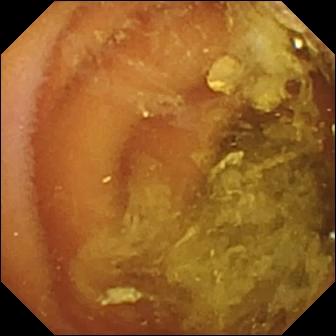Video capsule endoscopy — normal clean mucosa.